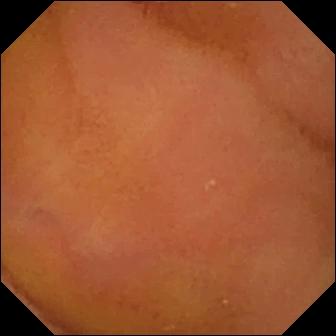Normal clean mucosa — VCE still of the small intestine.